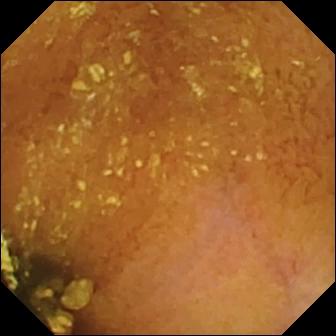PROCEDURE: VCE.
SEGMENT: Small intestine.
FINDINGS: Normal clean mucosa.